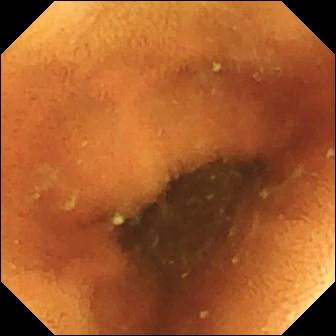modality: small-bowel capsule endoscopy
segment: small bowel
impression: normal clean mucosa